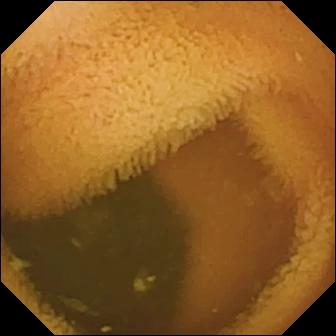Video capsule endoscopy. Small intestine. Luminal finding. Impression: normal clean mucosa.